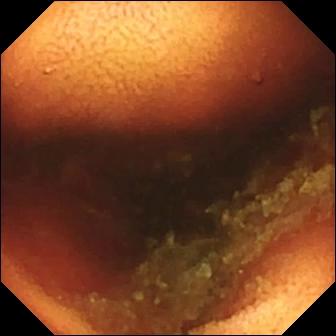PROCEDURE: Video capsule endoscopy.
POSITION: Ileo-cecal valve region (the transition from the small bowel to the large bowel).